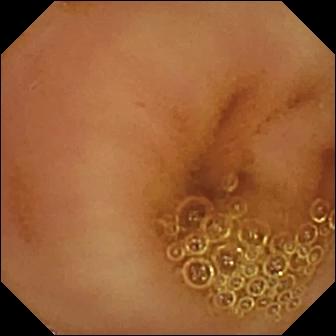PROCEDURE: Small-bowel capsule endoscopy.
SEGMENT: Small bowel.
FINDINGS: Normal clean mucosa.